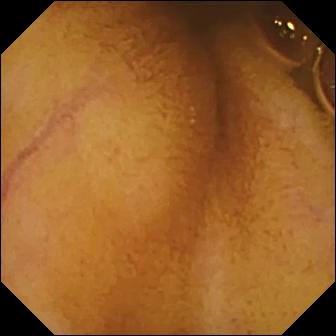WCE. Small intestine. Observation: normal clean mucosa.